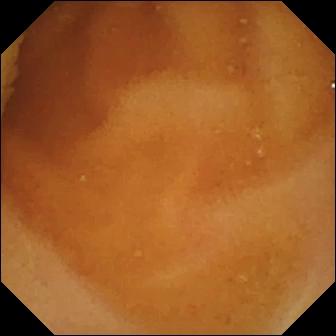Normal clean mucosa.